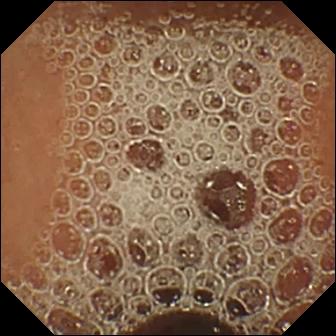Capsule endoscopy view
Label: normal clean mucosa